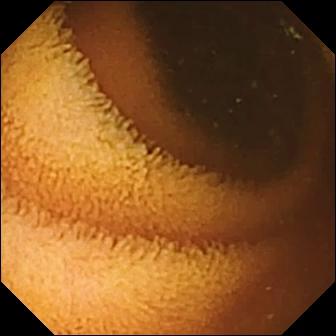This small-bowel capsule endoscopy frame of the small bowel shows normal clean mucosa.